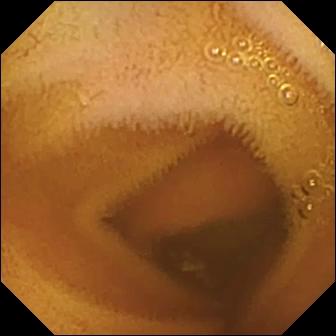Video capsule endoscopy still, small bowel
Impression: normal clean mucosa